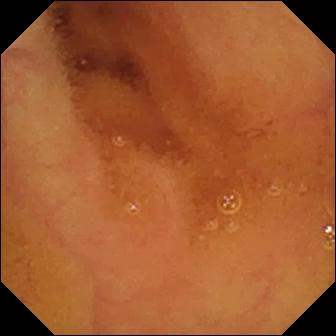Normal clean mucosa.